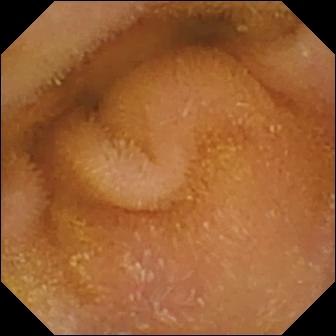modality: video capsule endoscopy; label: normal clean mucosa